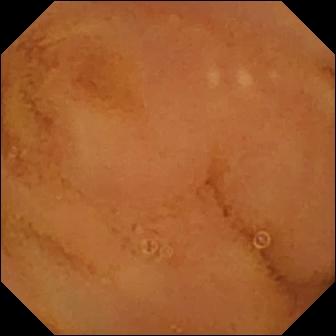- modality: small-bowel capsule endoscopy
- finding: normal clean mucosa